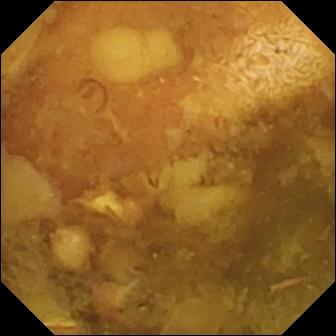Reduced mucosal view (content or bubbles obscuring the mucosa) — video capsule endoscopy still of the small intestine.